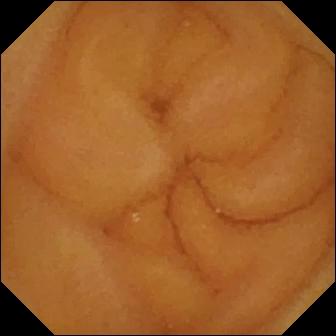PROCEDURE: WCE.
SEGMENT: Small intestine.
FINDINGS: Normal clean mucosa.